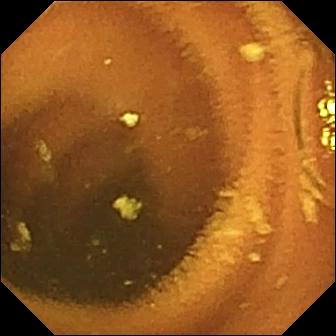PROCEDURE: VCE.
FINDINGS: Normal clean mucosa.